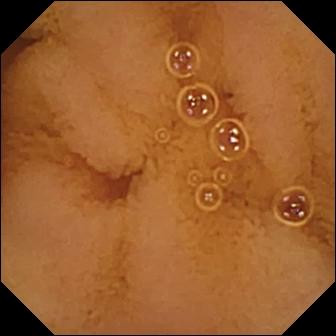This capsule endoscopy frame of the small intestine shows normal clean mucosa.